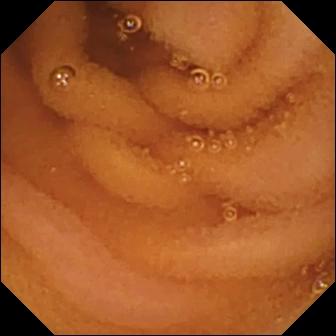PROCEDURE: Capsule endoscopy.
SEGMENT: Small bowel.
FINDINGS: Normal clean mucosa.